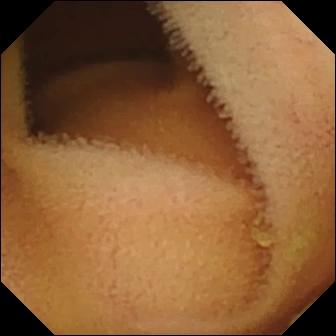VCE — normal clean mucosa.